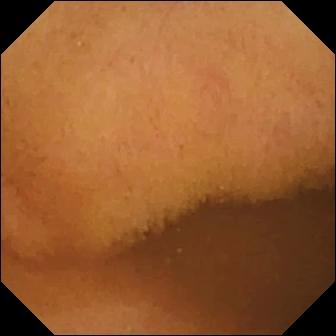Video capsule endoscopy still, small intestine
Observation: normal clean mucosa